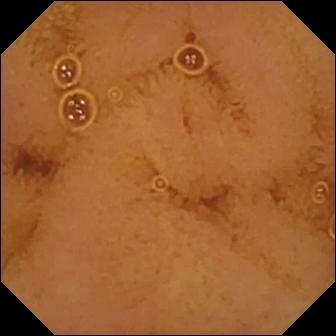Wireless capsule endoscopy still showing normal clean mucosa.